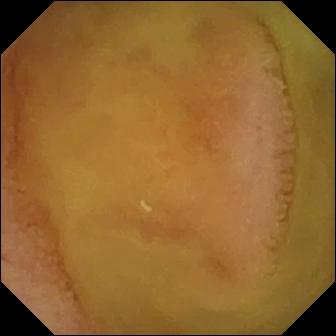Normal clean mucosa (336×336).